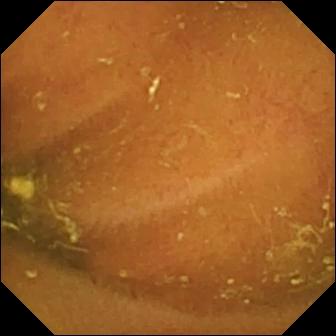PROCEDURE: Video capsule endoscopy.
VIDEO SEGMENT: Ileo-cecal valve region (where the capsule passes from the small bowel into the large bowel).